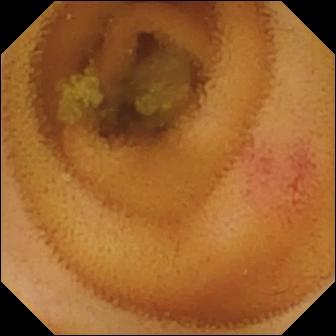Small-bowel capsule endoscopy frame. Angiectasia.